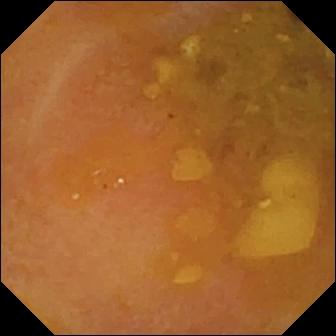PROCEDURE: VCE.
SEGMENT: Small intestine.
FINDINGS: Reduced mucosal view (content or bubbles obscuring the mucosa).